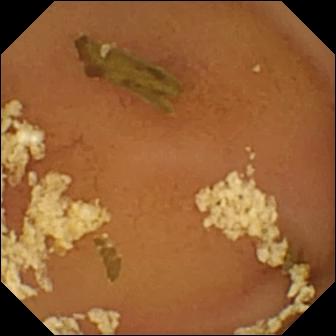Small-bowel capsule endoscopy view, small bowel
Label: normal clean mucosa